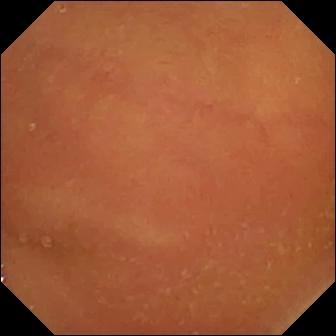WCE — normal clean mucosa.